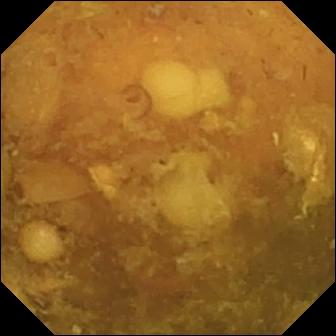- modality: VCE
- segment: small bowel
- category: luminal finding
- finding: reduced mucosal view (content or bubbles obscuring the mucosa)